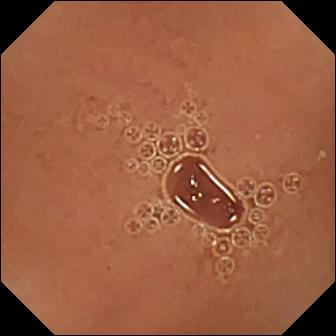VCE still, 336×336. Normal clean mucosa.